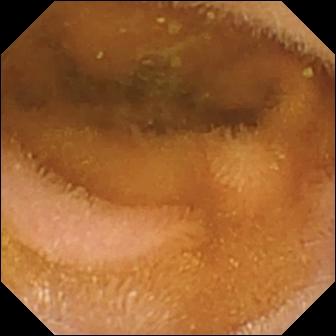Normal clean mucosa.